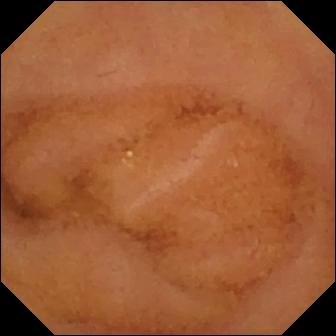Normal clean mucosa — video capsule endoscopy snapshot.